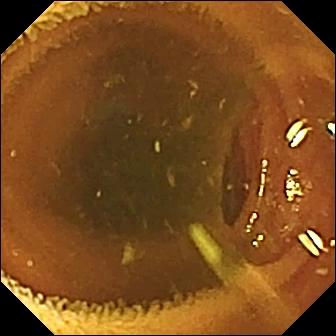{"modality": "capsule endoscopy", "segment": "small intestine", "finding": "normal clean mucosa"}